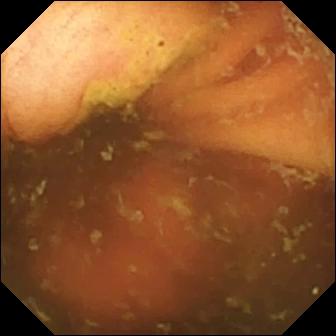WCE snapshot taken in the ileo-cecal valve region.